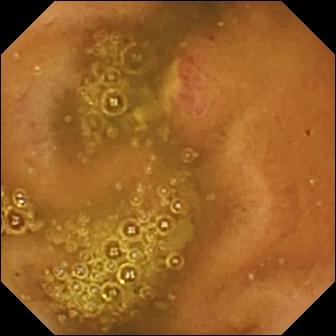Q: What does this VCE view show?
A: Ulcer.